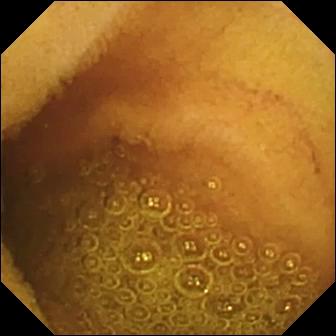WCE image (small intestine). Normal clean mucosa.